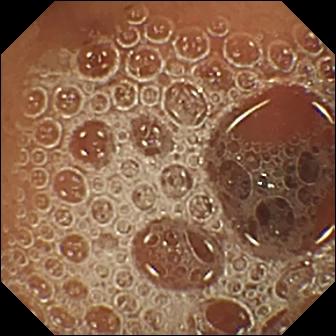Normal clean mucosa — WCE view.